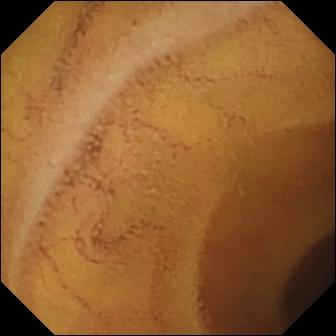Small-bowel capsule endoscopy image, small intestine
Observation: normal clean mucosa